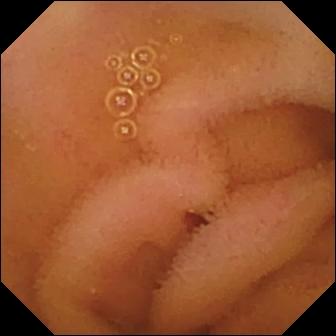Q: What does this VCE snapshot of the small intestine show?
A: Normal clean mucosa.